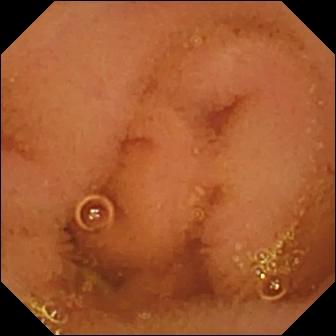Capsule endoscopy view. Normal clean mucosa.